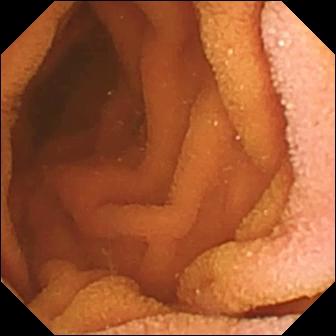- modality: wireless capsule endoscopy
- segment: small bowel
- label: normal clean mucosa